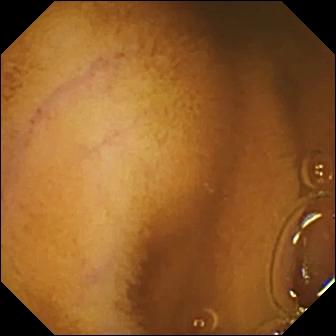Q: What does this small-bowel capsule endoscopy view of the small bowel show?
A: Normal clean mucosa.